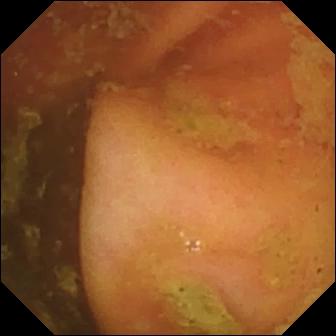Small-bowel capsule endoscopy frame taken in the ileo-cecal valve region.